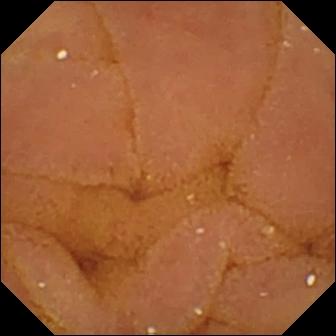{"modality": "video capsule endoscopy", "segment": "small bowel", "category": "luminal finding", "finding": "normal clean mucosa"}